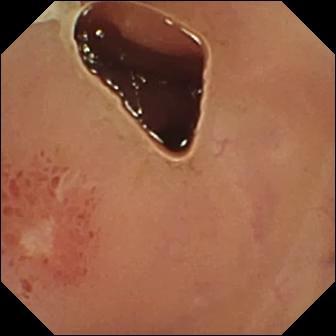This video capsule endoscopy snapshot shows ulcer.